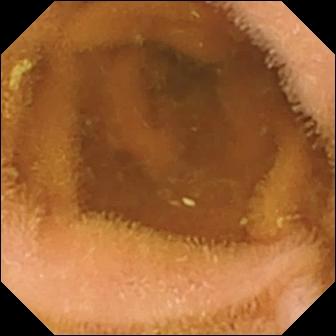- modality: VCE
- segment: small intestine
- observation: normal clean mucosa